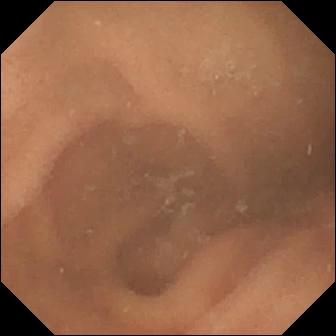Normal clean mucosa — small-bowel capsule endoscopy still of the small intestine.